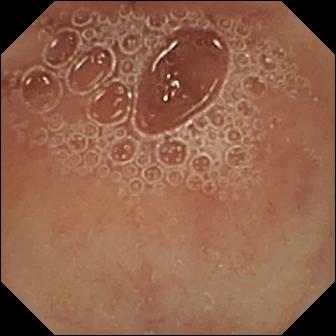Pylorus region (where the capsule passes from the stomach into the small bowel) — video capsule endoscopy still.